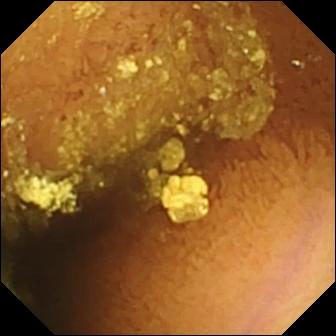Video capsule endoscopy image (small intestine). Normal clean mucosa.